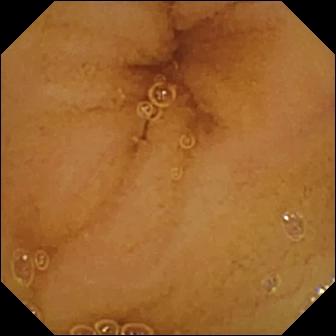Normal clean mucosa — video capsule endoscopy image of the small bowel.